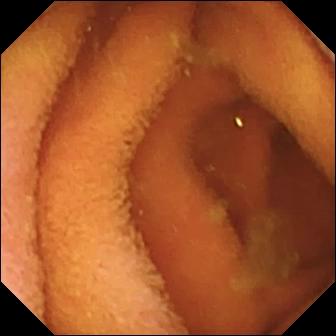Capsule endoscopy view (small intestine). Normal clean mucosa.